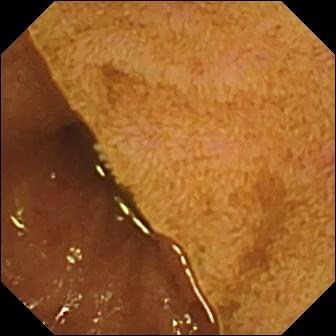Wireless capsule endoscopy view taken in the ileo-cecal valve region (where the capsule passes from the small bowel into the large bowel).